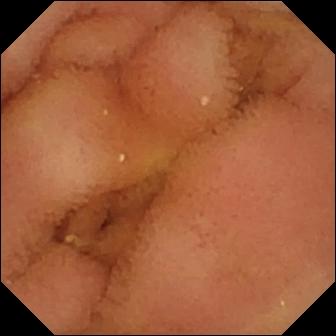Normal clean mucosa.